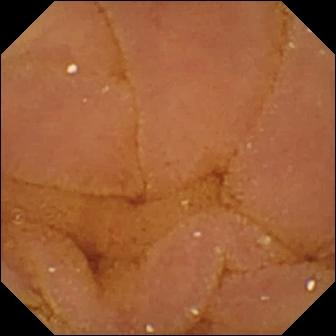Capsule endoscopy still. Normal clean mucosa.